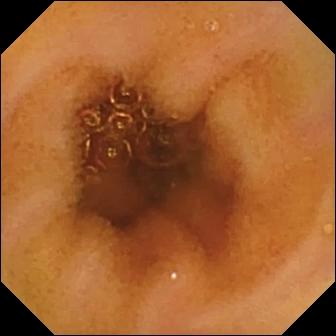This WCE frame shows normal clean mucosa.